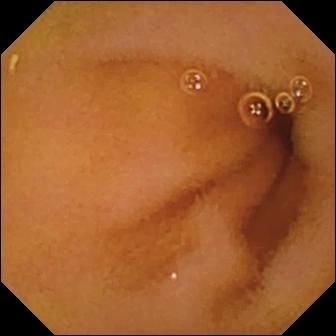Small-bowel capsule endoscopy still showing normal clean mucosa.